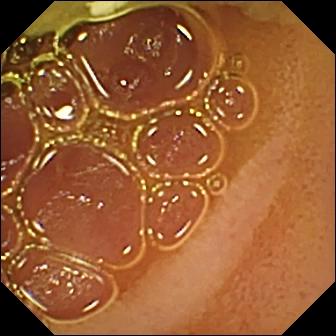WCE — normal clean mucosa.